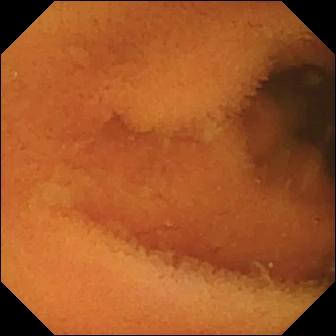Wireless capsule endoscopy frame (small bowel). Normal clean mucosa.